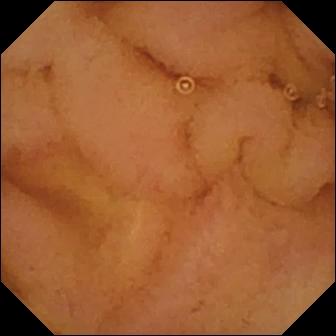Wireless capsule endoscopy frame, small intestine
Impression: normal clean mucosa